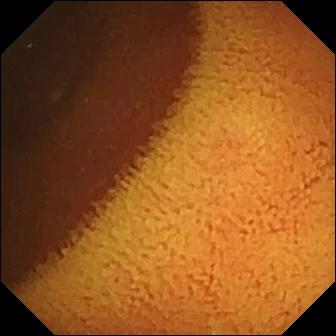VCE view, small intestine
Impression: normal clean mucosa